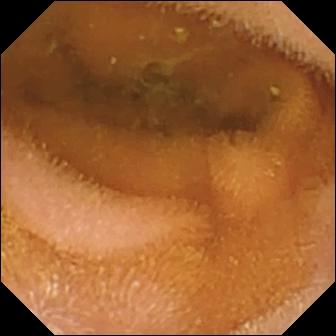Video capsule endoscopy. Observation: normal clean mucosa.